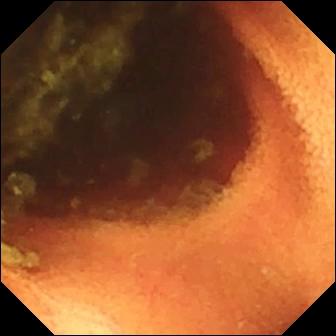PROCEDURE: Wireless capsule endoscopy.
VIDEO SEGMENT: Ileo-cecal valve region (the transition from the small bowel to the large bowel).